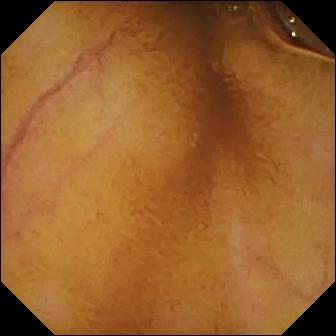- modality: capsule endoscopy
- segment: small intestine
- impression: normal clean mucosa